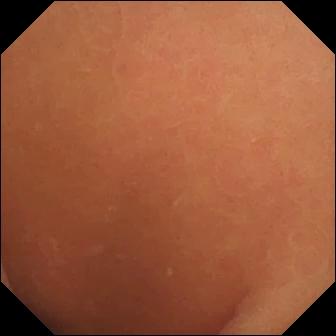Capsule endoscopy. Luminal finding. Impression: normal clean mucosa.